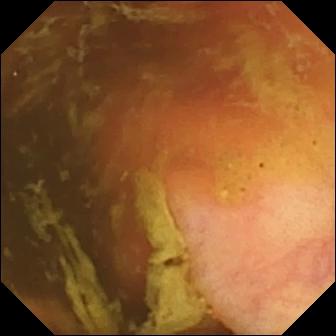Q: Where in the digestive tract was this wireless capsule endoscopy image taken?
A: Ileo-cecal valve region.